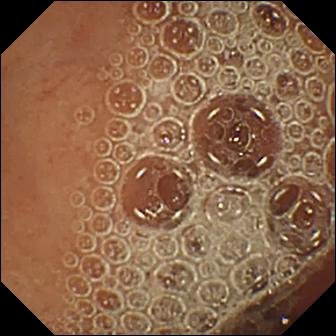Q: What does this capsule endoscopy snapshot show?
A: Normal clean mucosa.